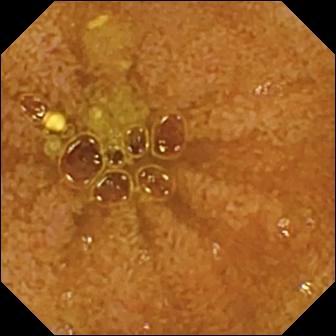PROCEDURE: WCE.
LOCATION: Ileo-cecal valve region.